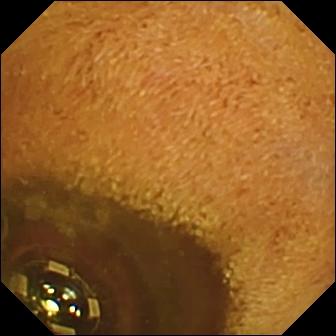This WCE still shows foreign body (e.g. retained capsule, tablet residue).